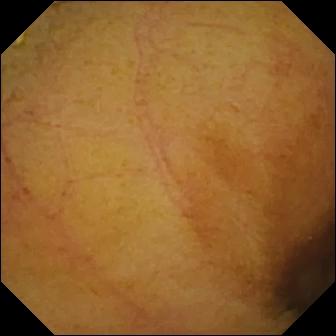VCE image, small intestine
Finding: normal clean mucosa